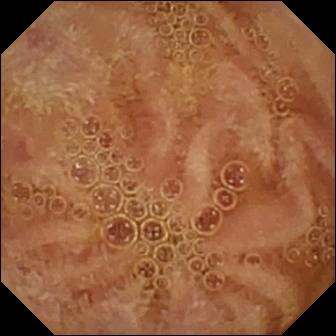WCE. Finding: normal clean mucosa.